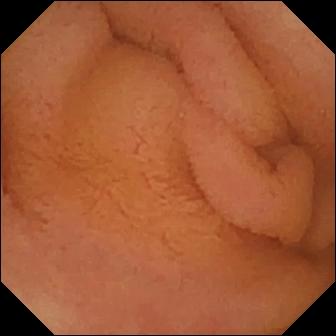{"modality": "VCE", "segment": "small bowel", "finding": "normal clean mucosa"}